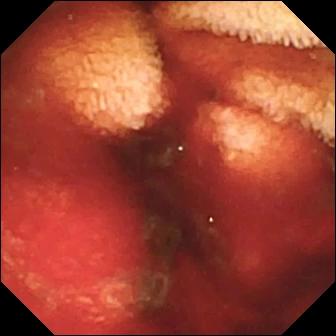This video capsule endoscopy view shows fresh blood in the lumen.